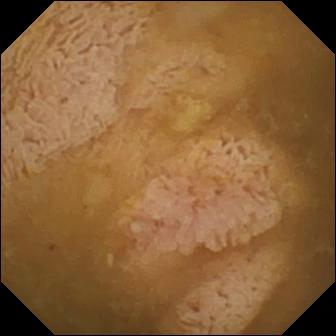{"modality": "WCE", "position": "ileo-cecal valve region"}